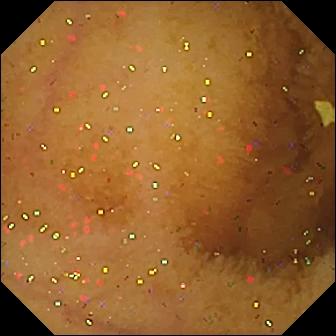VCE. Small bowel. Impression: normal clean mucosa.